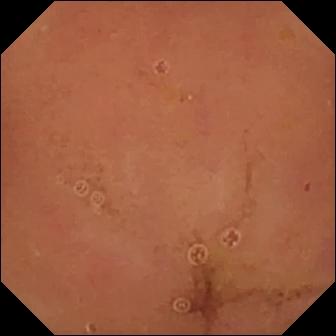Small-bowel capsule endoscopy still of the small intestine showing normal clean mucosa.